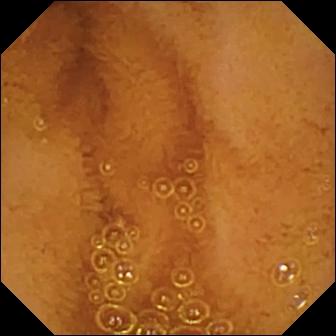Wireless capsule endoscopy snapshot, small intestine
Label: normal clean mucosa